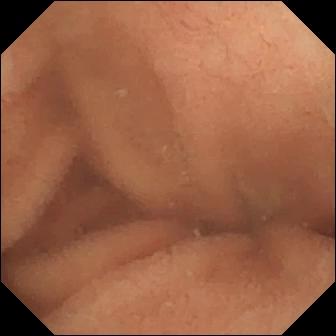Video capsule endoscopy image (small intestine), 336×336. Normal clean mucosa.